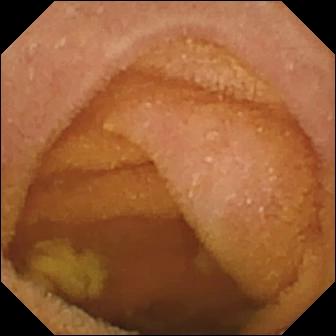Q: What does this WCE still show?
A: Normal clean mucosa.